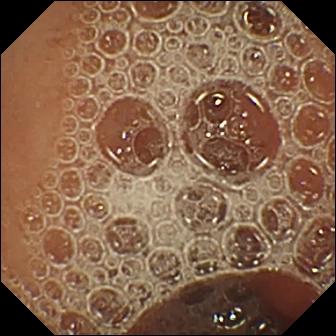Wireless capsule endoscopy image
Observation: normal clean mucosa